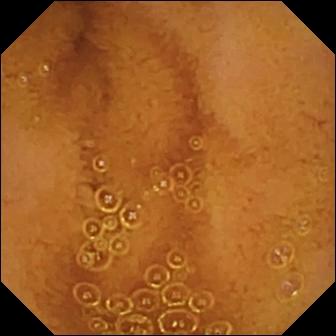PROCEDURE: WCE.
SEGMENT: Small bowel.
FINDINGS: Normal clean mucosa.